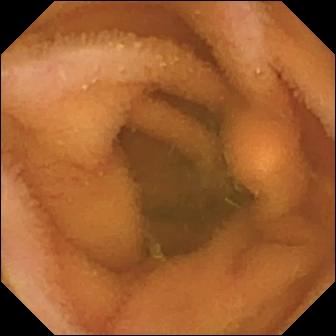{"modality": "capsule endoscopy", "segment": "small intestine", "category": "luminal finding", "finding": "normal clean mucosa"}